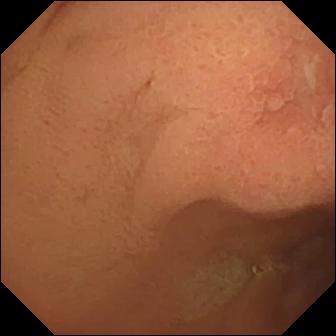Video capsule endoscopy view
Finding: erosion